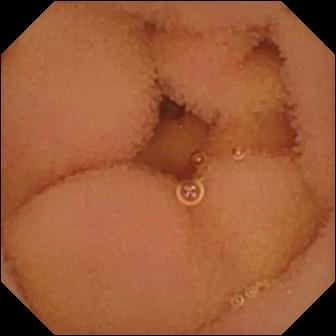VCE view, small intestine
Finding: normal clean mucosa